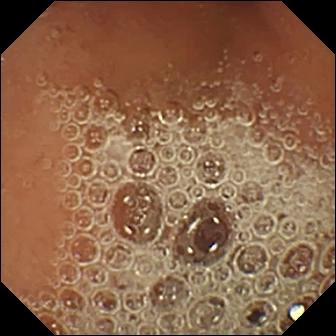Normal clean mucosa — video capsule endoscopy snapshot.